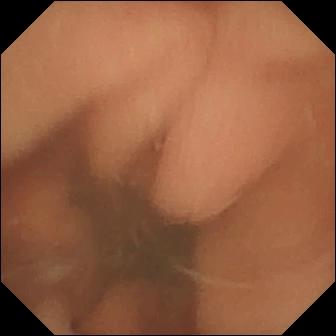VCE — normal clean mucosa.